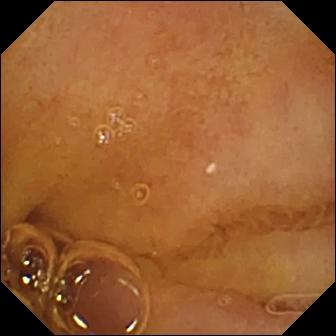Capsule endoscopy image, small intestine
Label: normal clean mucosa